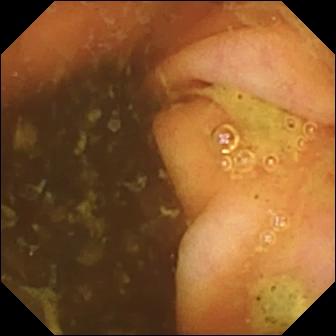{"modality": "video capsule endoscopy", "category": "anatomical landmark", "video_segment": "ileo-cecal valve region"}